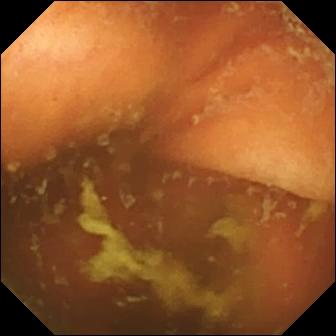WCE — ileo-cecal valve region (where the capsule passes from the small bowel into the large bowel).